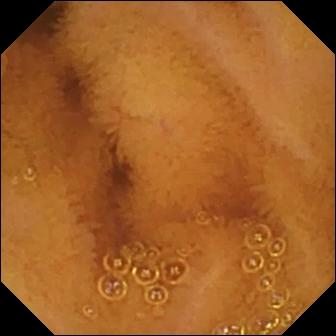{"modality": "video capsule endoscopy", "segment": "small intestine", "category": "luminal finding", "finding": "normal clean mucosa"}